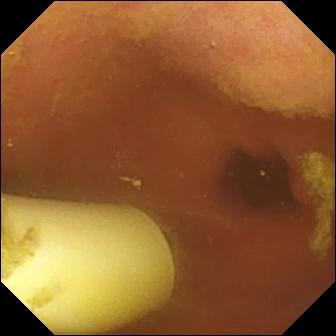Q: What does this video capsule endoscopy image show?
A: Foreign body (e.g. retained capsule, tablet residue).